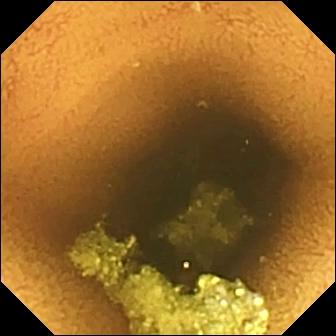Normal clean mucosa (336×336).